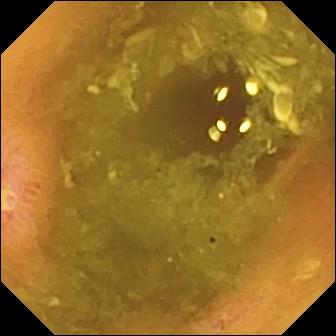WCE. Luminal finding. Observation: ulcer.